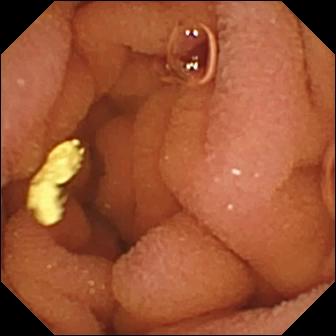This capsule endoscopy frame of the small intestine shows normal clean mucosa.